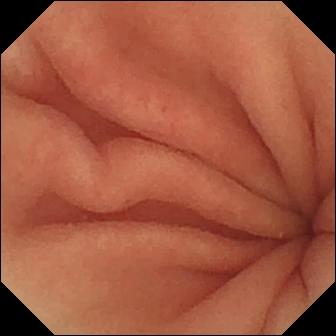Video capsule endoscopy view. Taken in the pylorus region (the junction between the stomach and the small bowel).